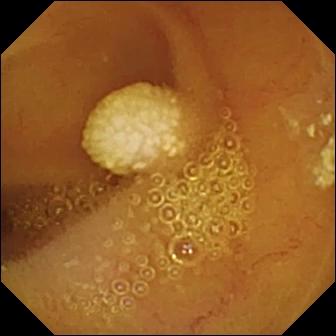Small-bowel capsule endoscopy snapshot
Impression: lymphangiectasia